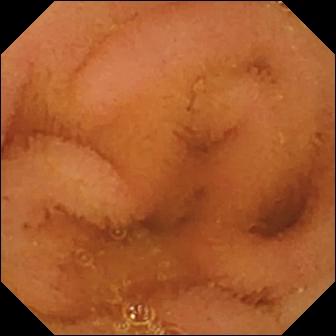{"modality": "video capsule endoscopy", "segment": "small intestine", "category": "luminal finding", "finding": "normal clean mucosa"}